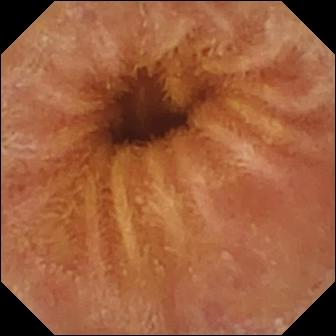Q: What does this wireless capsule endoscopy frame show?
A: Normal clean mucosa.